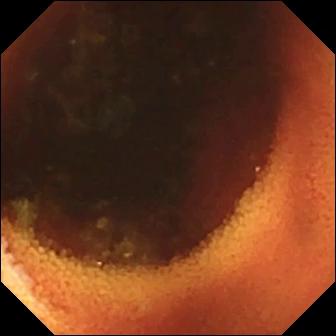Wireless capsule endoscopy — ileo-cecal valve region (where the capsule passes from the small bowel into the large bowel).